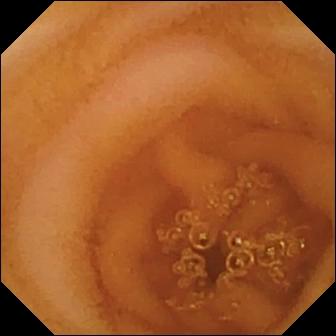modality: small-bowel capsule endoscopy
label: normal clean mucosa